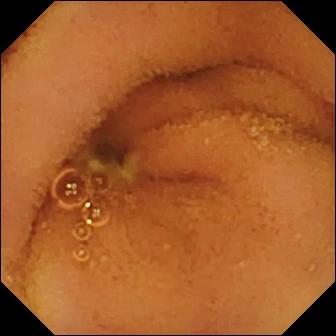{"modality": "wireless capsule endoscopy", "segment": "small bowel", "finding": "normal clean mucosa"}